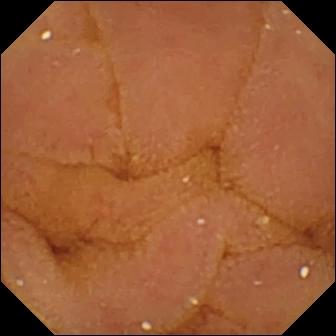WCE still, small intestine
Label: normal clean mucosa